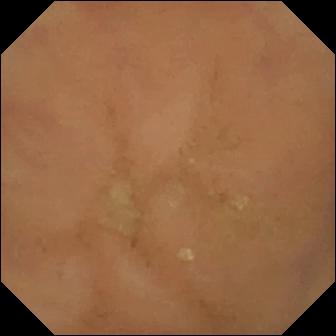modality: small-bowel capsule endoscopy | segment: small bowel | category: luminal finding | impression: normal clean mucosa